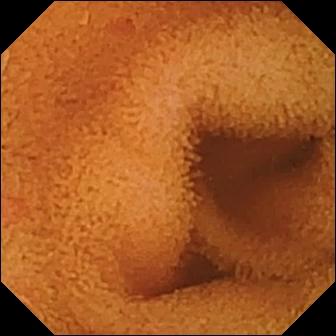PROCEDURE: Small-bowel capsule endoscopy.
SEGMENT: Small bowel.
FINDINGS: Normal clean mucosa.